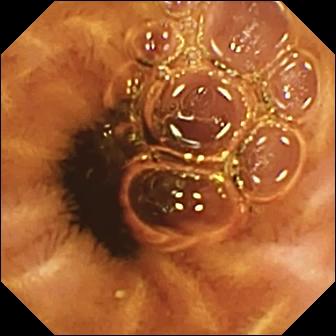Normal clean mucosa.